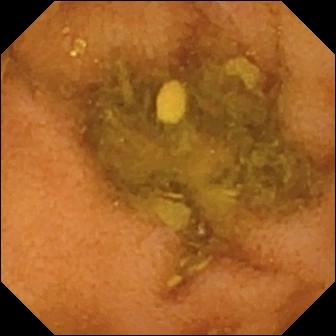modality: VCE; segment: small bowel; category: luminal finding; observation: normal clean mucosa